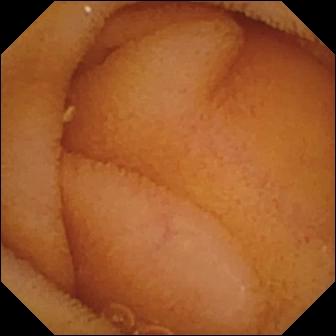Video capsule endoscopy — normal clean mucosa.